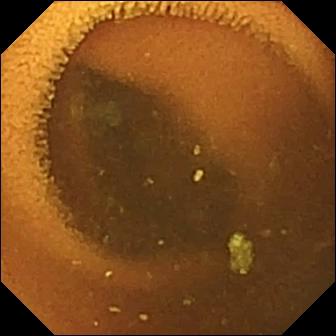WCE still, 336×336. Normal clean mucosa.